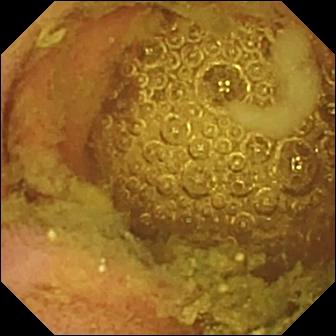Normal clean mucosa.